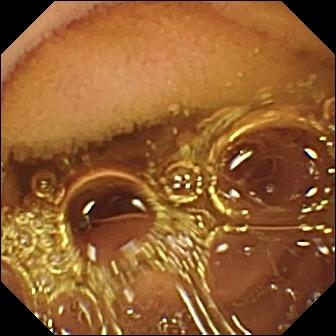Q: What does this wireless capsule endoscopy view show?
A: Normal clean mucosa.